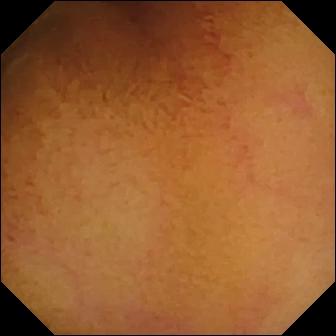WCE frame of the small intestine showing normal clean mucosa.